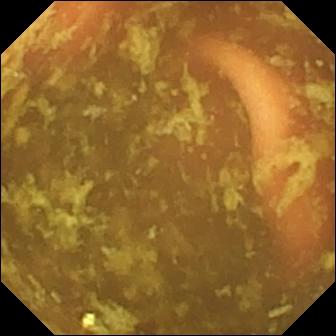Ileo-cecal valve region (where the capsule passes from the small bowel into the large bowel) — small-bowel capsule endoscopy snapshot.